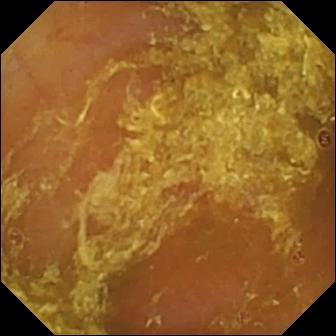PROCEDURE: Capsule endoscopy.
FINDINGS: Reduced mucosal view (content or bubbles obscuring the mucosa).